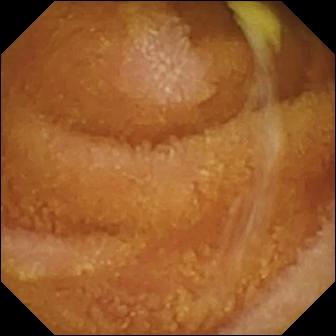- modality: wireless capsule endoscopy
- segment: small intestine
- category: luminal finding
- label: normal clean mucosa